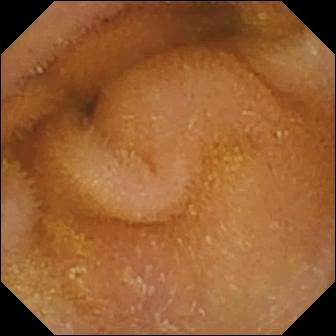Q: What does this video capsule endoscopy view show?
A: Normal clean mucosa.